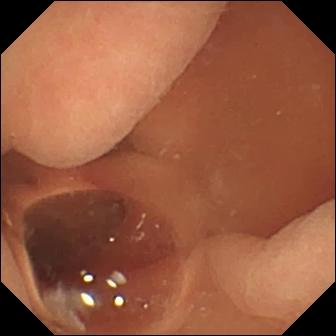Normal clean mucosa.